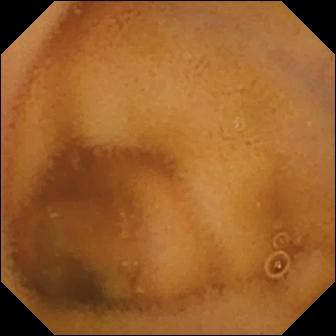Q: What does this video capsule endoscopy still show?
A: Normal clean mucosa.